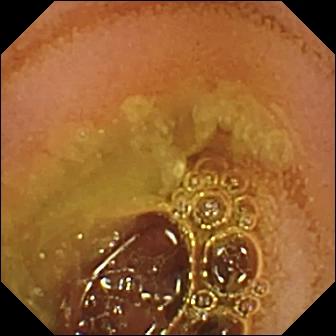PROCEDURE: Capsule endoscopy.
SEGMENT: Small bowel.
FINDINGS: Normal clean mucosa.